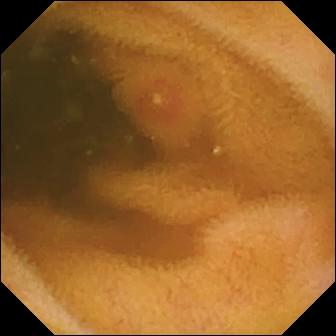Erosion — video capsule endoscopy view.